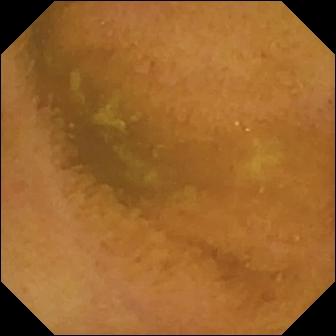Video capsule endoscopy view. Normal clean mucosa.